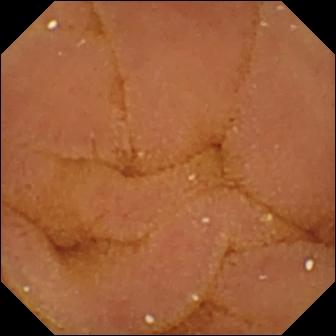PROCEDURE: WCE.
FINDINGS: Normal clean mucosa.